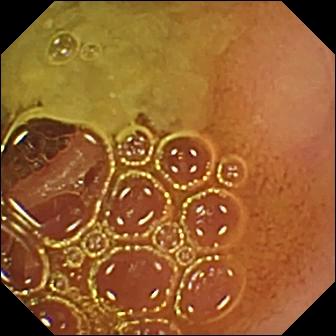Small-bowel capsule endoscopy still
Finding: normal clean mucosa